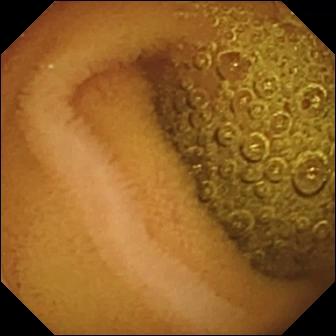Normal clean mucosa — wireless capsule endoscopy view of the small bowel.